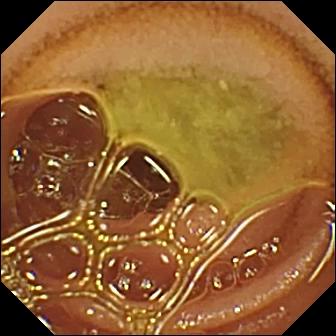Normal clean mucosa.